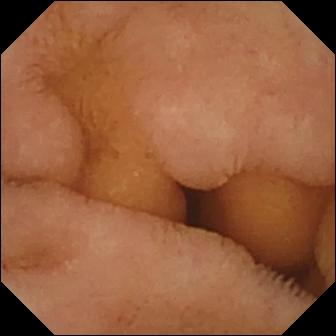Small-bowel capsule endoscopy — normal clean mucosa.